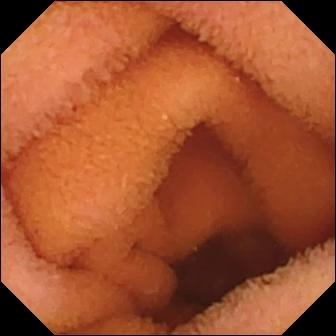Normal clean mucosa — video capsule endoscopy still of the small intestine.